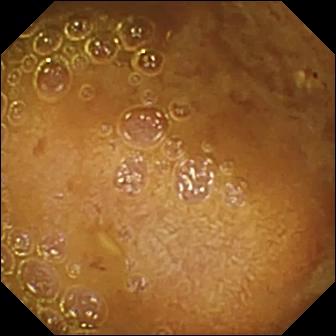Video capsule endoscopy frame
Label: reduced mucosal view (content or bubbles obscuring the mucosa)